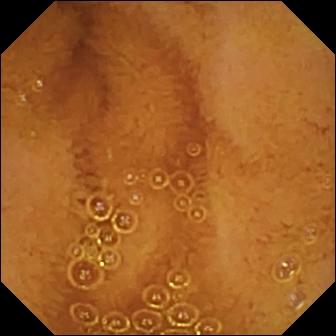- modality: WCE
- segment: small intestine
- observation: normal clean mucosa